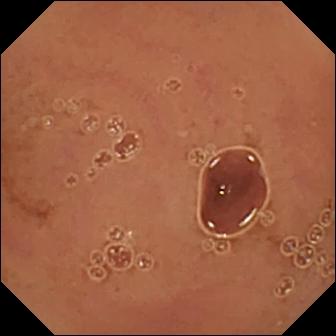modality: capsule endoscopy
category: luminal finding
observation: normal clean mucosa